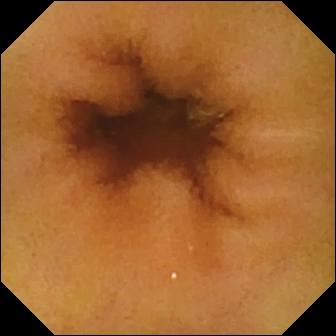Normal clean mucosa — wireless capsule endoscopy image.